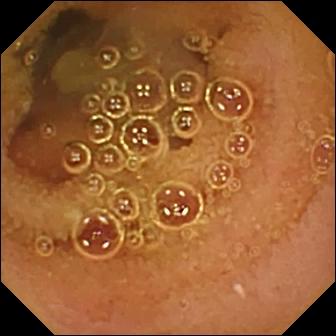Wireless capsule endoscopy. Finding: normal clean mucosa.